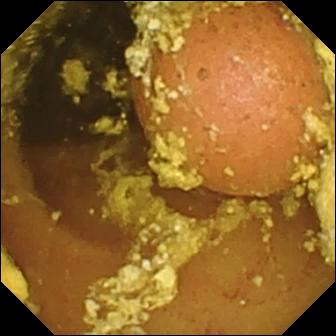This wireless capsule endoscopy snapshot shows foreign body (e.g. retained capsule, tablet residue).